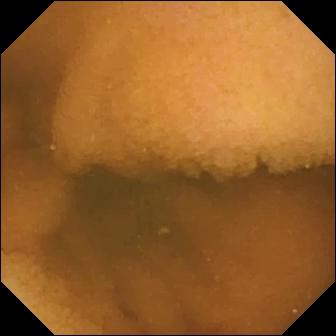Wireless capsule endoscopy still of the small bowel showing normal clean mucosa.